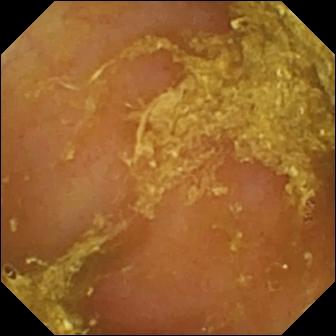Reduced mucosal view (content or bubbles obscuring the mucosa).